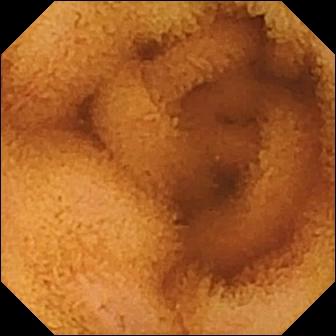This video capsule endoscopy snapshot shows normal clean mucosa.